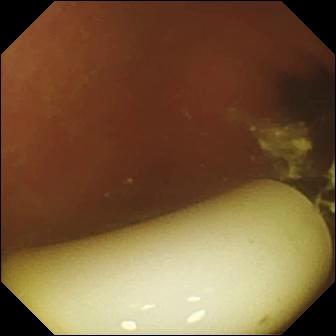This small-bowel capsule endoscopy snapshot shows foreign body (e.g. retained capsule, tablet residue).